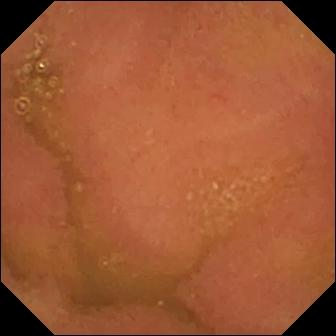Q: What does this WCE view show?
A: Normal clean mucosa.